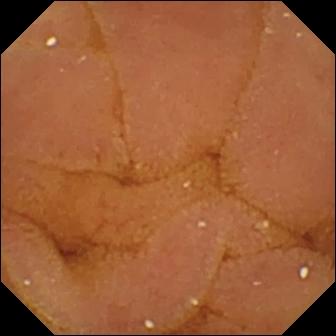Normal clean mucosa — capsule endoscopy view of the small bowel.